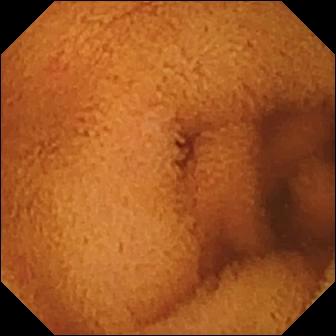Normal clean mucosa.